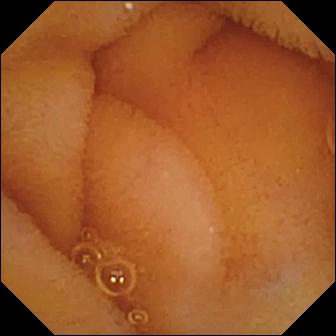Q: What does this wireless capsule endoscopy view show?
A: Normal clean mucosa.